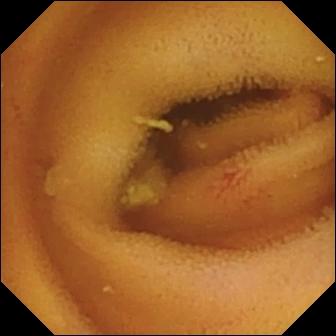Wireless capsule endoscopy. Luminal finding. Label: angiectasia.